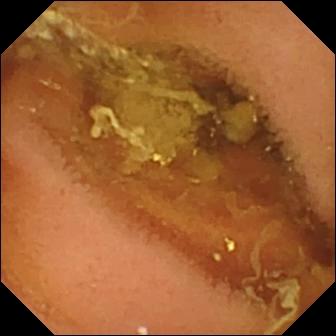Video capsule endoscopy — normal clean mucosa.